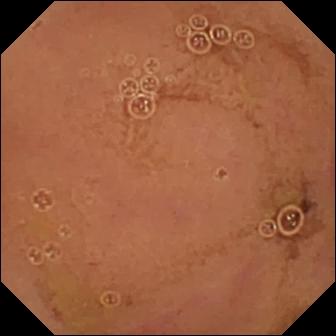Normal clean mucosa — WCE frame of the small intestine.